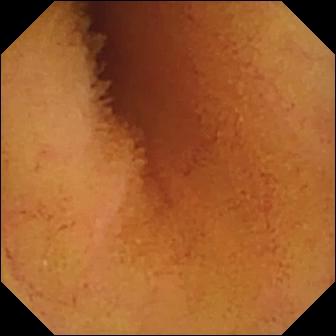Small-bowel capsule endoscopy. Impression: normal clean mucosa.